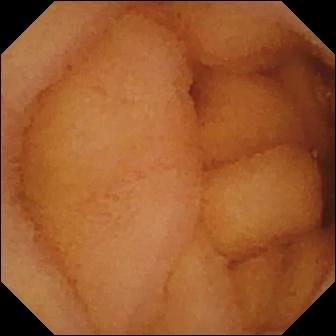modality: small-bowel capsule endoscopy
finding: normal clean mucosa